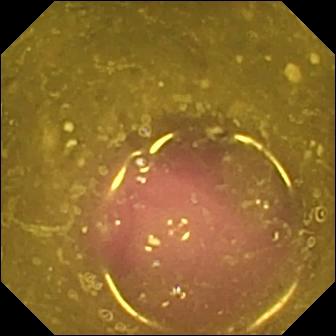modality: WCE
segment: small bowel
category: luminal finding
observation: reduced mucosal view (content or bubbles obscuring the mucosa)